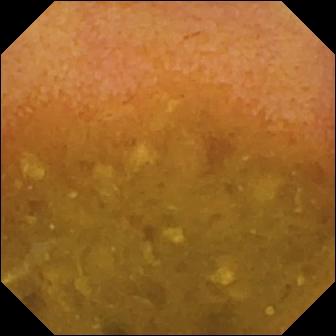{"modality": "video capsule endoscopy", "segment": "small bowel", "finding": "reduced mucosal view (content or bubbles obscuring the mucosa)"}